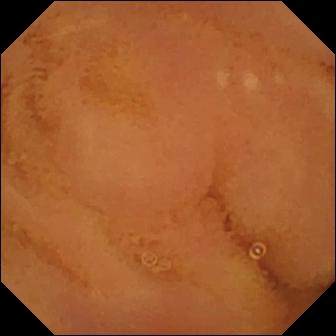Wireless capsule endoscopy view, 336×336. Normal clean mucosa.